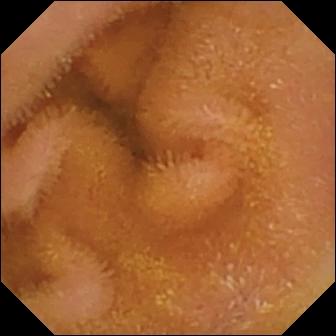PROCEDURE: Small-bowel capsule endoscopy.
SEGMENT: Small bowel.
FINDINGS: Normal clean mucosa.